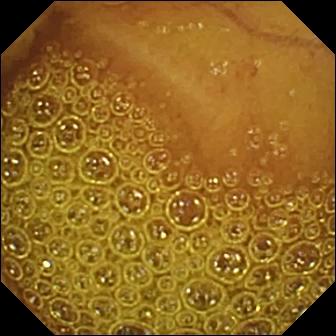Small-bowel capsule endoscopy — normal clean mucosa.